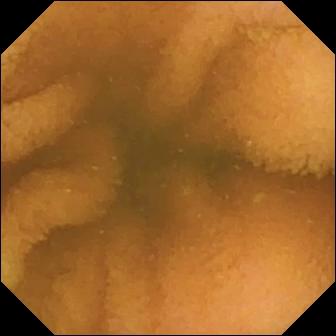Q: What does this video capsule endoscopy frame of the small intestine show?
A: Normal clean mucosa.